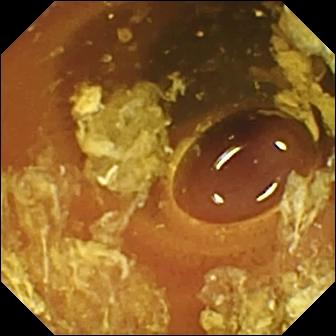Video capsule endoscopy. Small bowel. Label: normal clean mucosa.